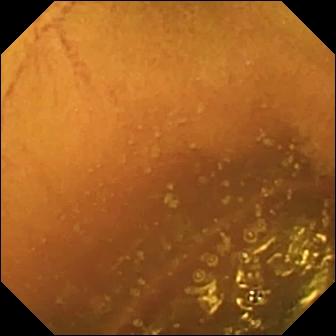modality: capsule endoscopy; segment: small intestine; observation: normal clean mucosa